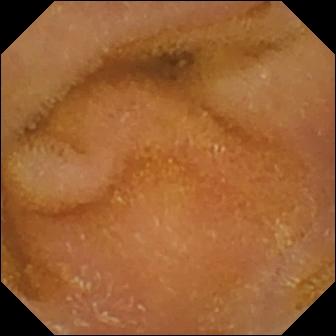This WCE frame of the small intestine shows normal clean mucosa.